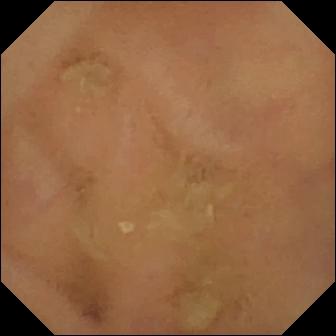WCE image of the small intestine showing normal clean mucosa.